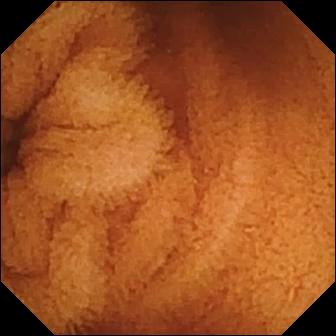WCE frame, small intestine
Finding: normal clean mucosa